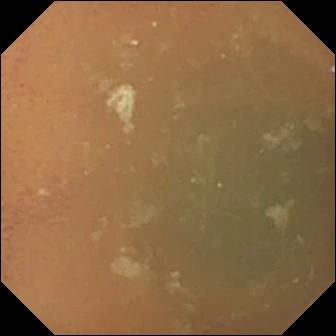{"modality": "VCE", "category": "luminal finding", "finding": "normal clean mucosa"}